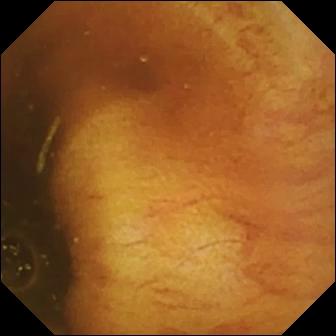Video capsule endoscopy view
Video segment: ileo-cecal valve region (the transition from the small bowel to the large bowel)